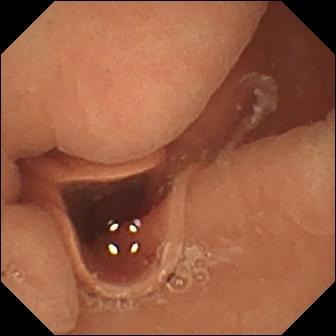Small-bowel capsule endoscopy still showing normal clean mucosa.